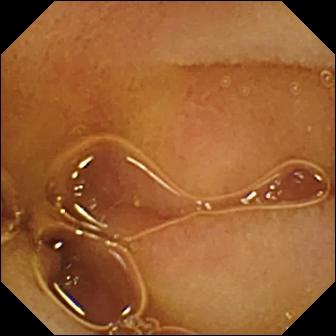Wireless capsule endoscopy — normal clean mucosa.